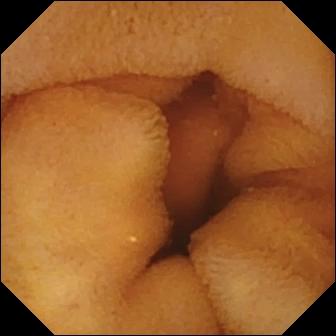PROCEDURE: Wireless capsule endoscopy.
SEGMENT: Small bowel.
FINDINGS: Normal clean mucosa.